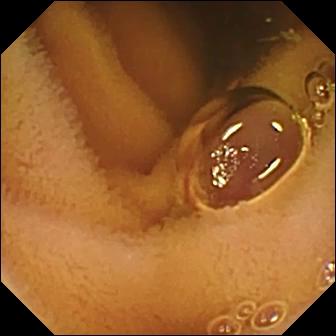VCE view of the small intestine showing normal clean mucosa.